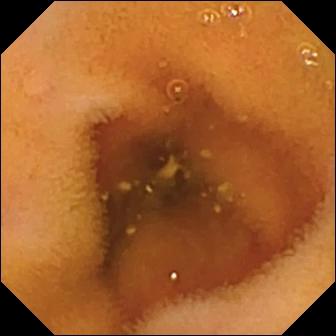modality: small-bowel capsule endoscopy | label: normal clean mucosa